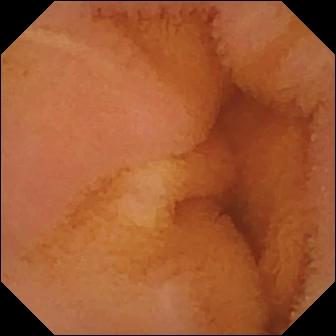Video capsule endoscopy image (small bowel). Normal clean mucosa.